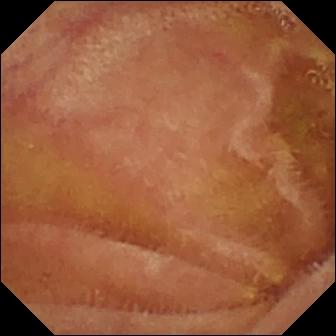VCE snapshot, small intestine
Observation: normal clean mucosa